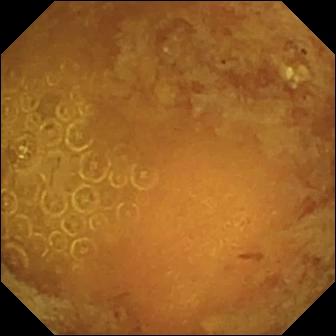This wireless capsule endoscopy snapshot shows reduced mucosal view (content or bubbles obscuring the mucosa).